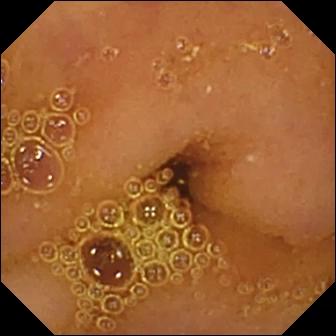{"modality": "WCE", "finding": "normal clean mucosa"}